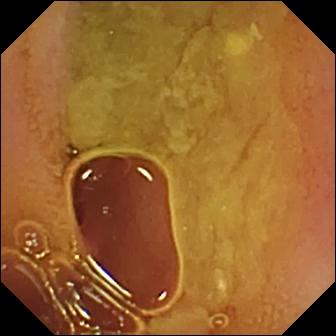Video capsule endoscopy still, small bowel
Label: normal clean mucosa